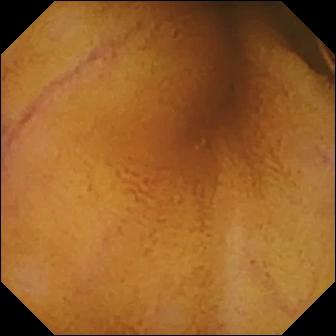PROCEDURE: VCE.
FINDINGS: Normal clean mucosa.